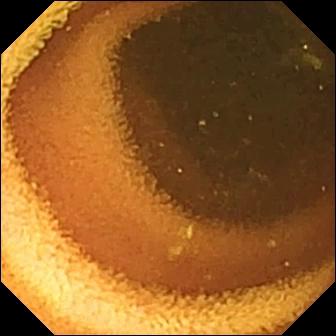Normal clean mucosa — WCE view of the small intestine.